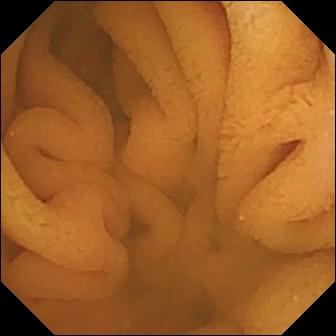Capsule endoscopy — normal clean mucosa.